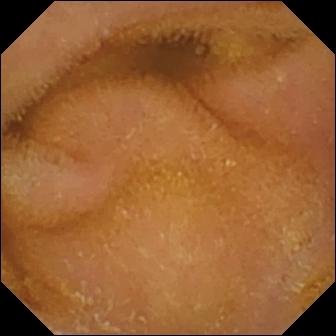Video capsule endoscopy image (small bowel), 336×336. Normal clean mucosa.